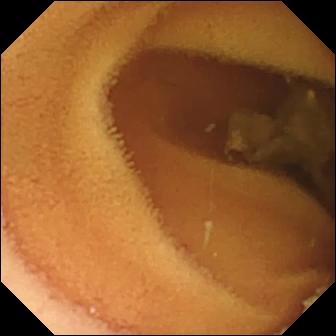Normal clean mucosa.